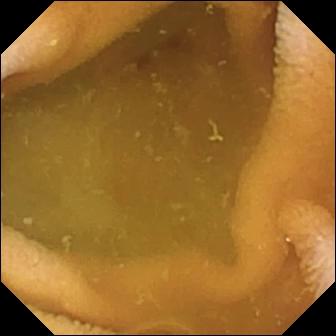- modality: capsule endoscopy
- segment: small bowel
- category: luminal finding
- impression: normal clean mucosa